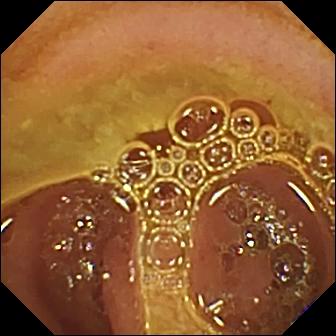This wireless capsule endoscopy snapshot shows normal clean mucosa.